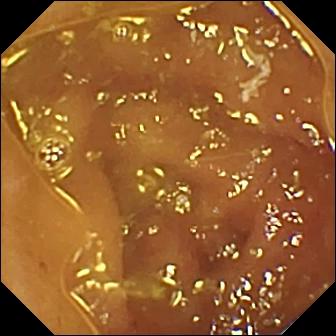Small-bowel capsule endoscopy still taken in the ileo-cecal valve region (where the capsule passes from the small bowel into the large bowel).